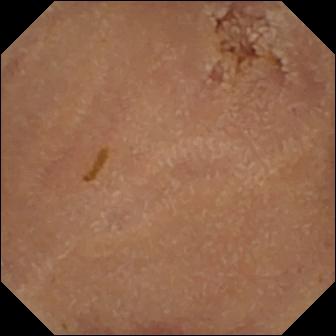Normal clean mucosa — VCE image of the small bowel.